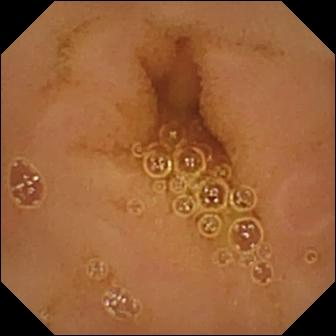This wireless capsule endoscopy still shows normal clean mucosa.